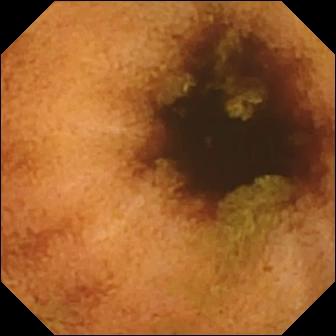- modality: VCE
- segment: small intestine
- impression: normal clean mucosa